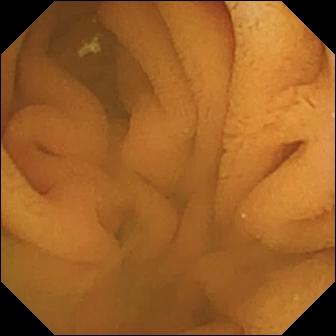Video capsule endoscopy still showing normal clean mucosa.